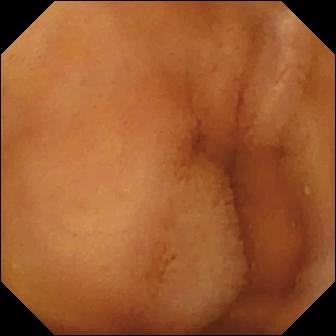Capsule endoscopy still (small intestine). Normal clean mucosa.